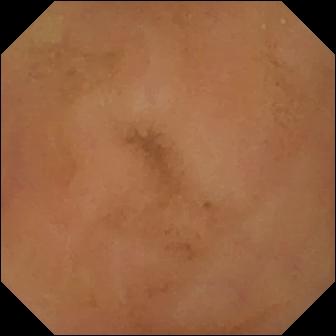{"modality": "video capsule endoscopy", "segment": "small bowel", "finding": "normal clean mucosa"}